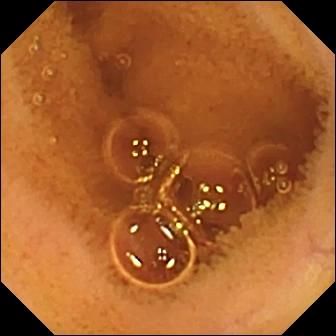Q: What does this small-bowel capsule endoscopy view show?
A: Normal clean mucosa.